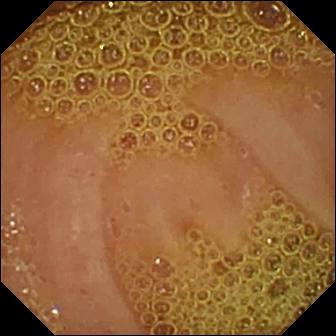{"modality": "WCE", "category": "luminal finding", "finding": "normal clean mucosa"}